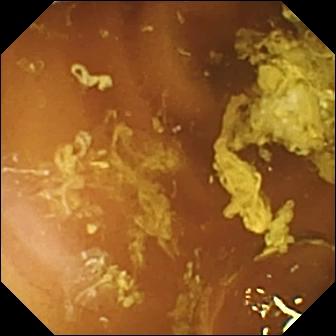modality: video capsule endoscopy | observation: normal clean mucosa